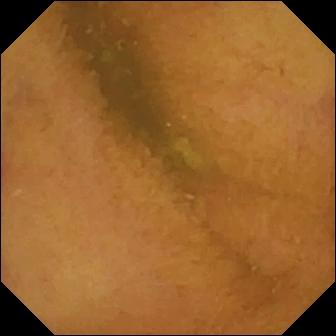This VCE view of the small intestine shows normal clean mucosa.